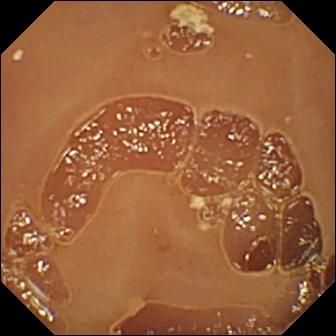{"modality": "small-bowel capsule endoscopy", "finding": "normal clean mucosa"}